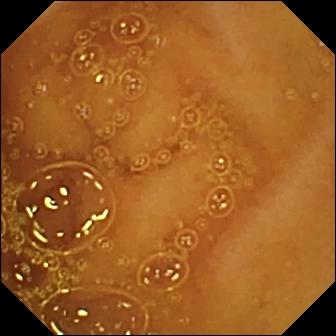Q: What does this VCE snapshot of the small bowel show?
A: Normal clean mucosa.